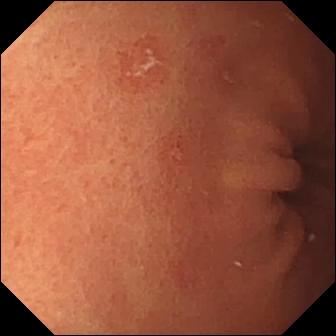Erosion — WCE image.